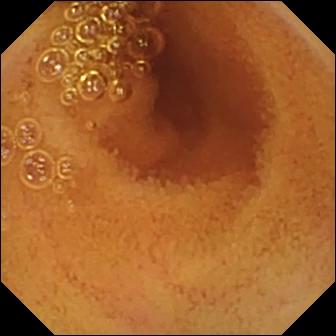PROCEDURE: Capsule endoscopy.
SEGMENT: Small intestine.
FINDINGS: Normal clean mucosa.